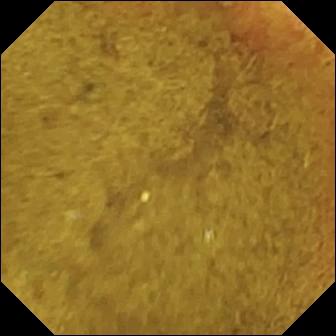Q: Where in the digestive tract was this wireless capsule endoscopy view taken?
A: Ileo-cecal valve region.